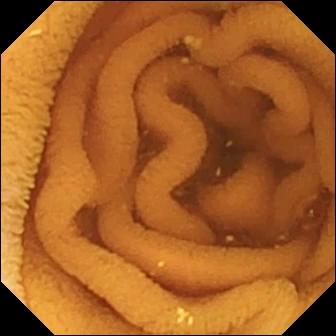Normal clean mucosa (336×336).